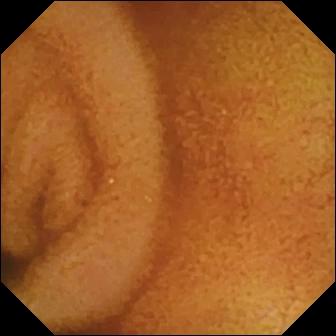This VCE frame of the small intestine shows normal clean mucosa.